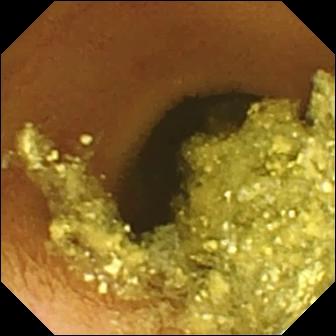Capsule endoscopy frame. Normal clean mucosa.